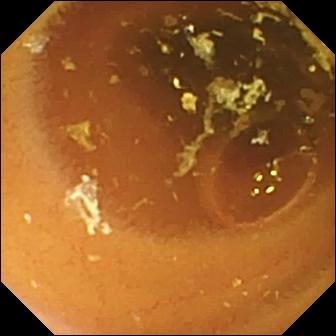WCE still (small intestine), 336×336. Normal clean mucosa.